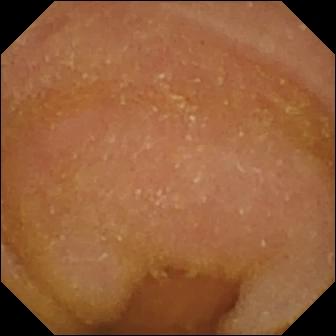Video capsule endoscopy image, small intestine
Label: normal clean mucosa